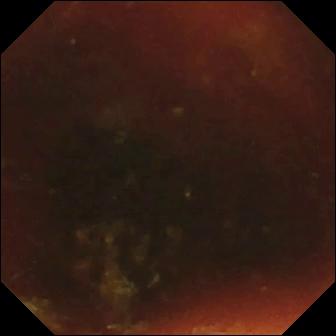modality: VCE | video segment: ileo-cecal valve region